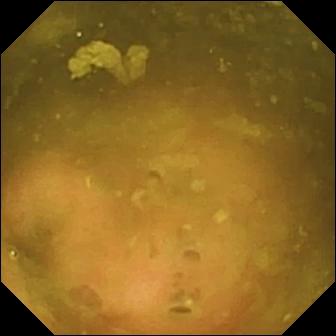Q: Where in the digestive tract was this small-bowel capsule endoscopy still taken?
A: Ileo-cecal valve region (where the capsule passes from the small bowel into the large bowel).